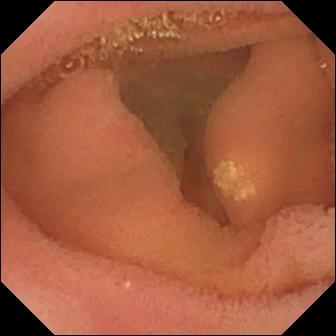modality: wireless capsule endoscopy; impression: lymphangiectasia